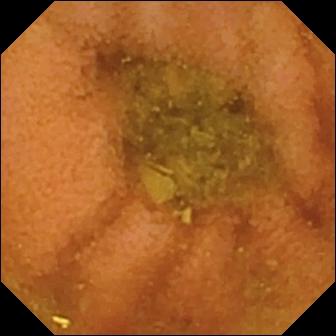PROCEDURE: WCE.
FINDINGS: Normal clean mucosa.